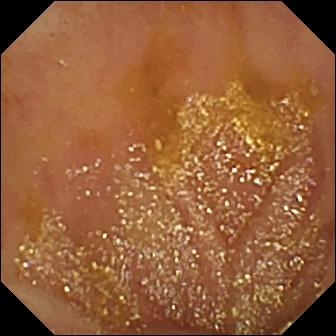modality: small-bowel capsule endoscopy
location: ileo-cecal valve region